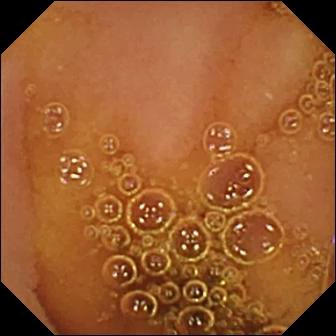WCE. Small bowel. Luminal finding. Observation: normal clean mucosa.